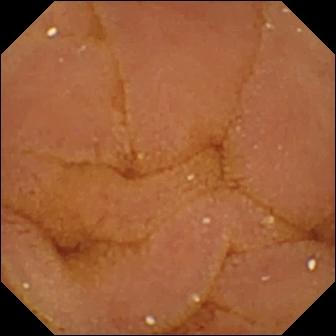modality: video capsule endoscopy | segment: small bowel | category: luminal finding | observation: normal clean mucosa